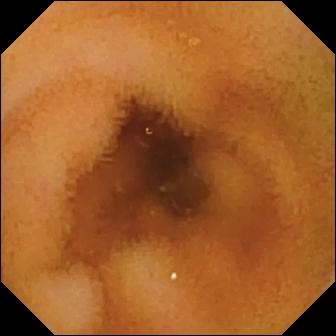PROCEDURE: Wireless capsule endoscopy.
SEGMENT: Small bowel.
FINDINGS: Normal clean mucosa.